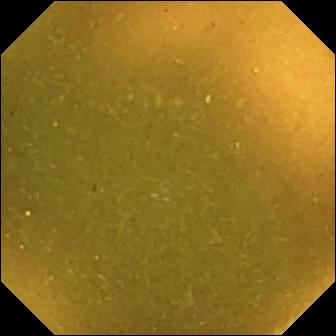This wireless capsule endoscopy still was taken in the ileo-cecal valve region (the transition from the small bowel to the large bowel).